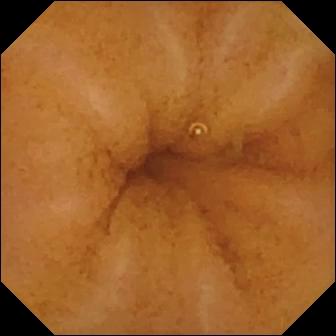Normal clean mucosa.